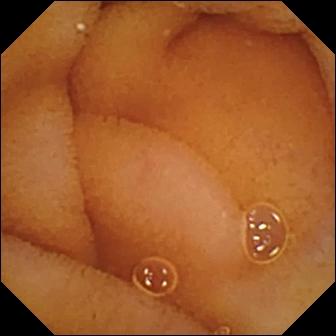Capsule endoscopy image
Finding: normal clean mucosa